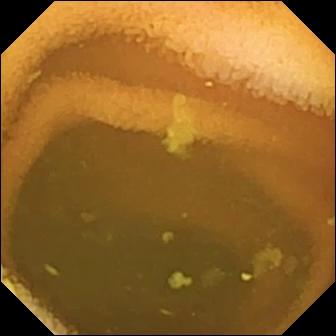modality: video capsule endoscopy; label: normal clean mucosa